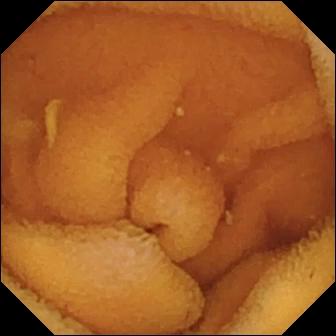Normal clean mucosa — VCE frame.